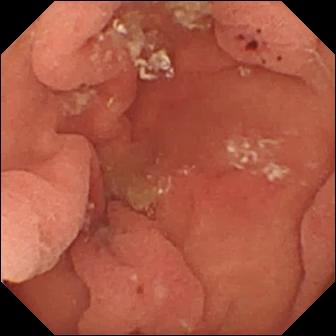{"modality": "wireless capsule endoscopy", "finding": "hematin (altered blood) on the mucosal surface"}